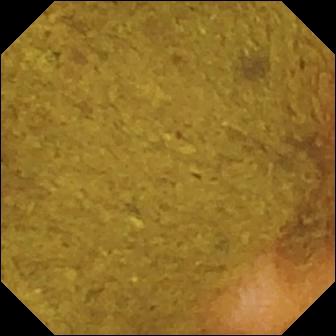VCE. Near an anatomical landmark. Location: ileo-cecal valve region (the transition from the small bowel to the large bowel).